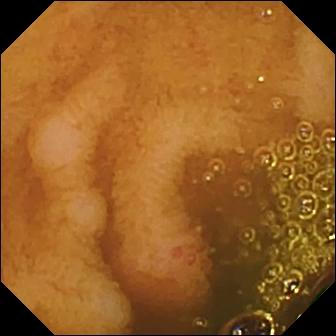Small-bowel capsule endoscopy image showing erosion.